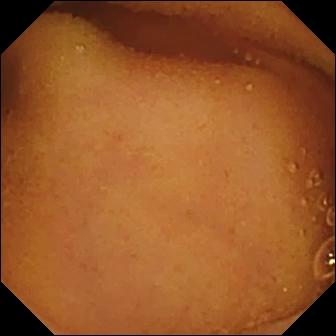Normal clean mucosa — VCE frame of the small intestine.